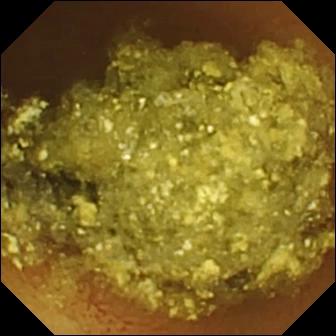Normal clean mucosa — wireless capsule endoscopy image.